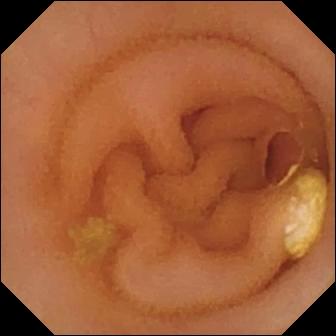WCE. Luminal finding. Label: lymphangiectasia.